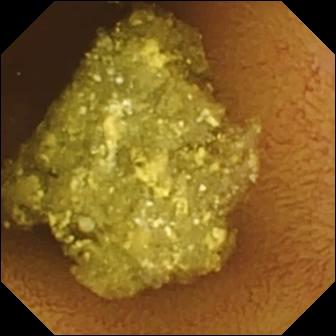Q: What does this small-bowel capsule endoscopy snapshot of the small bowel show?
A: Normal clean mucosa.